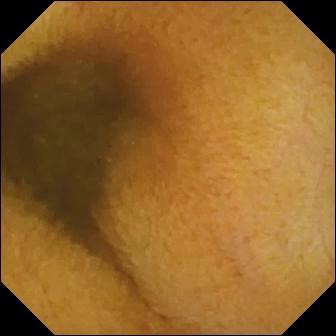VCE frame (small intestine). Normal clean mucosa.